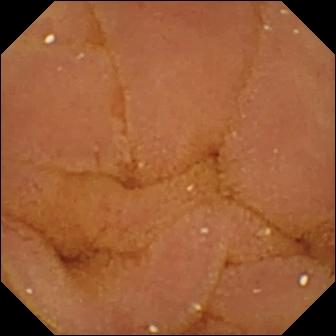Small-bowel capsule endoscopy still, 336×336. Normal clean mucosa.